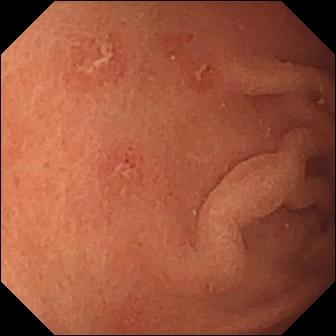modality: video capsule endoscopy
category: luminal finding
impression: erosion